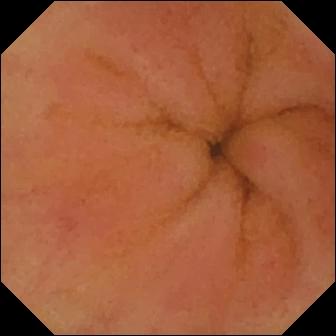{"modality": "VCE", "finding": "erythema (mucosal redness)"}